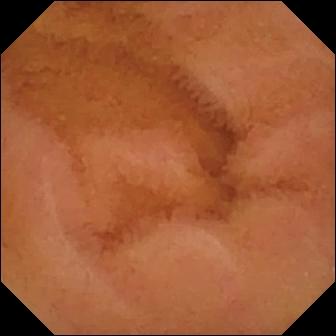Q: What does this WCE frame show?
A: Normal clean mucosa.